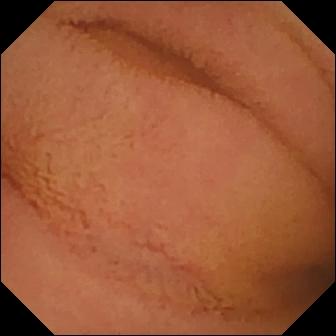VCE still, small bowel
Label: normal clean mucosa